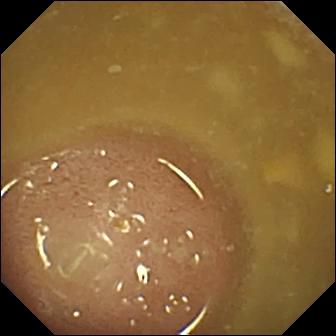Ileo-cecal valve region (the transition from the small bowel to the large bowel) — VCE still.